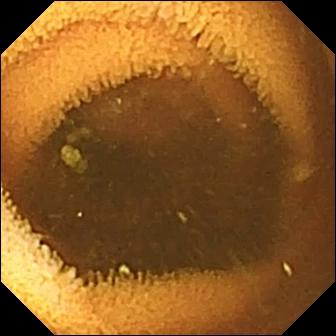modality: VCE | segment: small bowel | label: normal clean mucosa